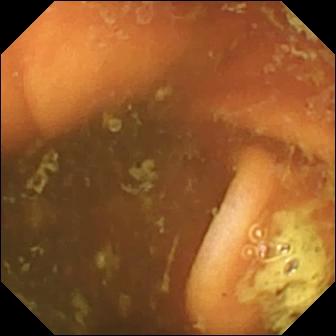PROCEDURE: VCE.
LABEL: Ileo-cecal valve region (the transition from the small bowel to the large bowel).